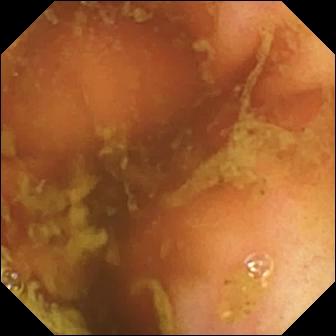This WCE snapshot was taken in the ileo-cecal valve region.